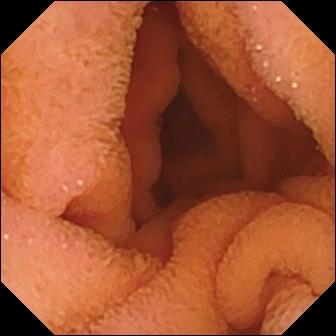Capsule endoscopy view of the small bowel showing normal clean mucosa.